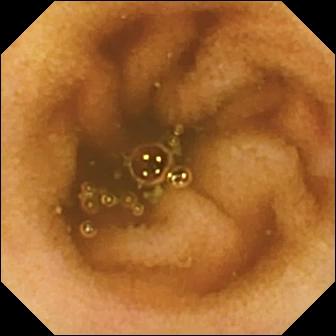WCE — normal clean mucosa.